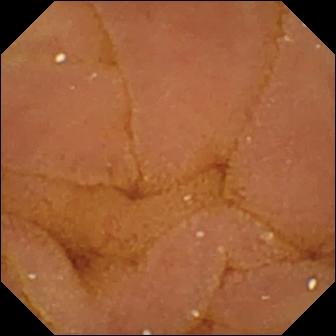WCE image of the small bowel showing normal clean mucosa.